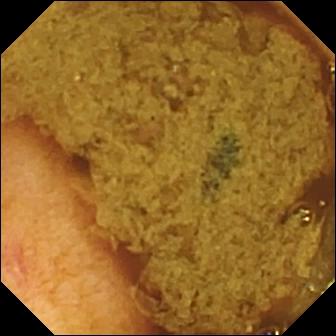Ileo-cecal valve region (the transition from the small bowel to the large bowel) — WCE image.